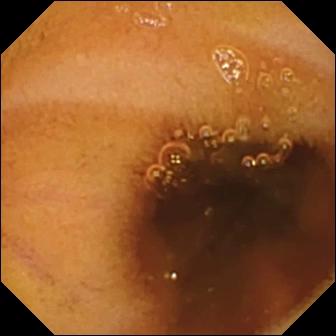Small-bowel capsule endoscopy frame showing normal clean mucosa.